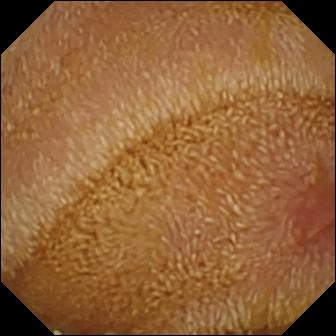Video capsule endoscopy frame, 336×336. Erosion.